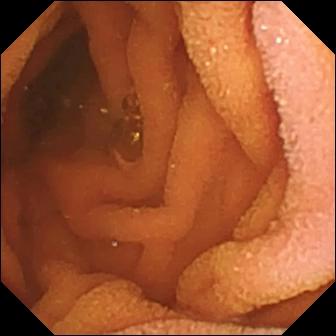- modality: wireless capsule endoscopy
- segment: small bowel
- category: luminal finding
- label: normal clean mucosa